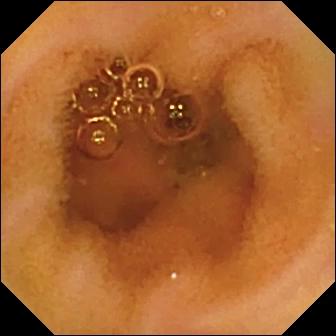Small-bowel capsule endoscopy frame
Label: normal clean mucosa